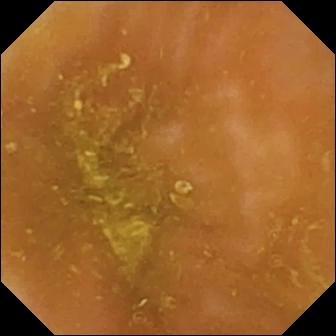This wireless capsule endoscopy frame was taken in the ileo-cecal valve region (the transition from the small bowel to the large bowel).